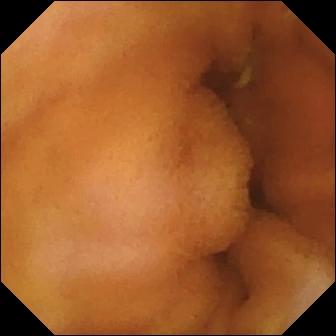Wireless capsule endoscopy — normal clean mucosa.